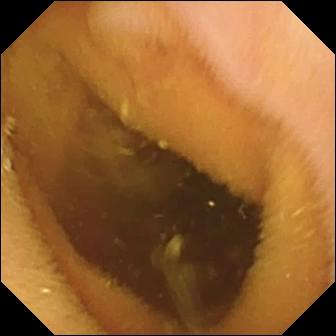modality: wireless capsule endoscopy
video segment: pylorus region